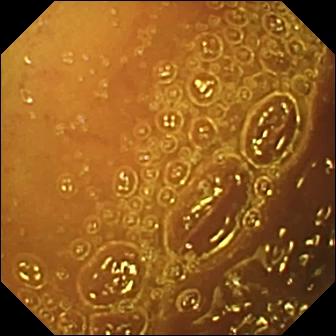Normal clean mucosa.